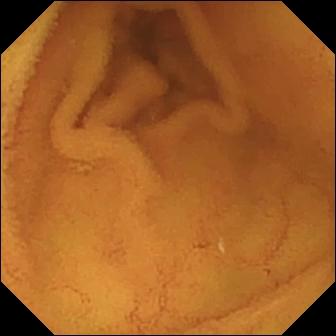{"modality": "small-bowel capsule endoscopy", "segment": "small intestine", "category": "luminal finding", "finding": "normal clean mucosa"}